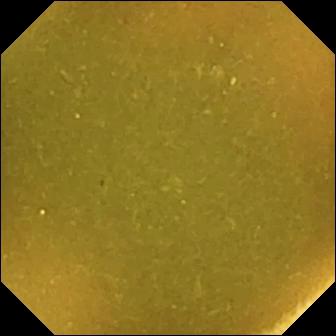Wireless capsule endoscopy frame
Label: ileo-cecal valve region